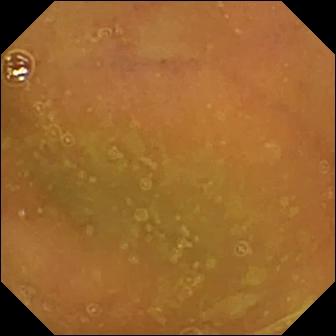PROCEDURE: Wireless capsule endoscopy.
SEGMENT: Small intestine.
FINDINGS: Normal clean mucosa.